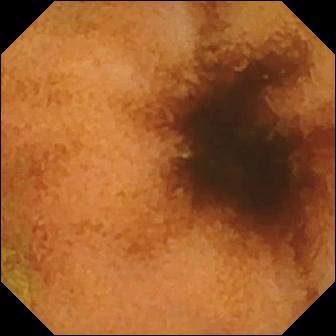PROCEDURE: Capsule endoscopy.
FINDINGS: Normal clean mucosa.